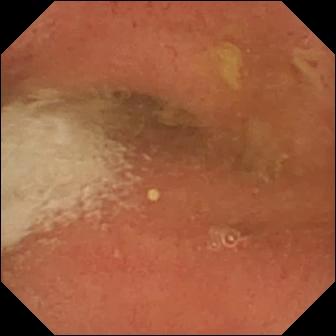WCE image
Location: pylorus region (where the capsule passes from the stomach into the small bowel)